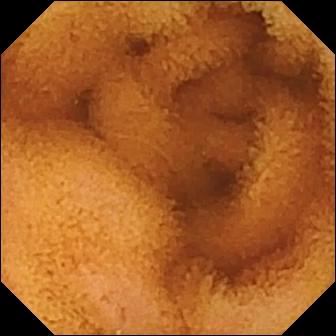Wireless capsule endoscopy view. Normal clean mucosa.